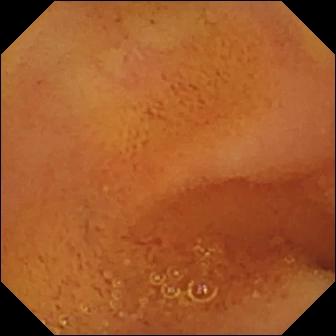WCE still. Normal clean mucosa.